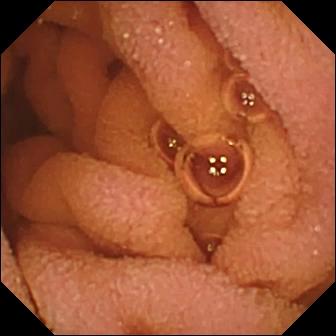{"modality": "VCE", "finding": "normal clean mucosa"}